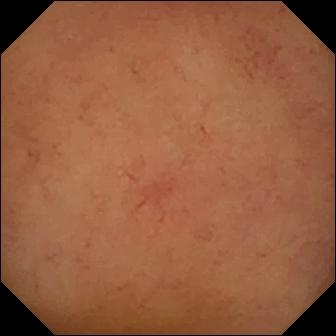Small-bowel capsule endoscopy image of the small intestine showing normal clean mucosa.